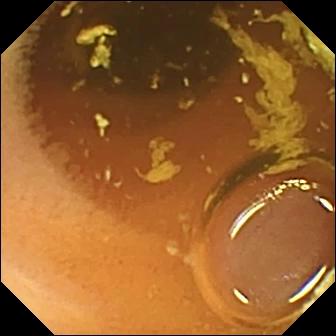- modality: video capsule endoscopy
- category: luminal finding
- observation: normal clean mucosa